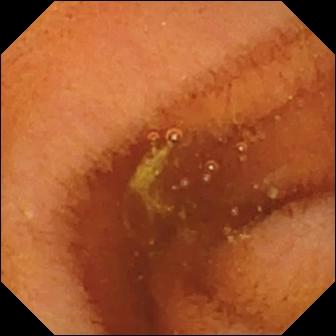{"modality": "wireless capsule endoscopy", "finding": "normal clean mucosa"}